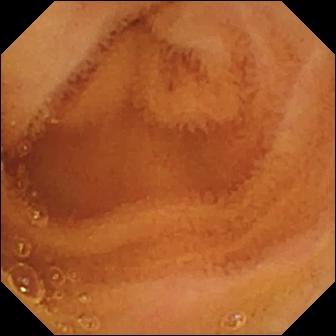Wireless capsule endoscopy view of the small intestine showing normal clean mucosa.